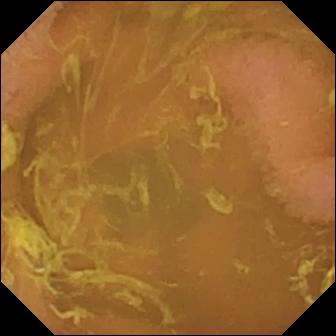Q: What does this capsule endoscopy still show?
A: Normal clean mucosa.